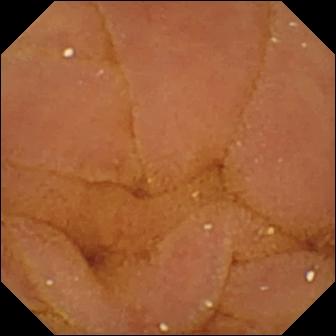VCE — normal clean mucosa.